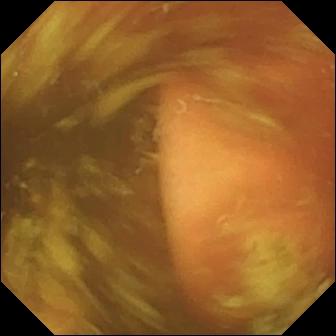{"modality": "VCE", "label": "ileo-cecal valve region (where the capsule passes from the small bowel into the large bowel)"}